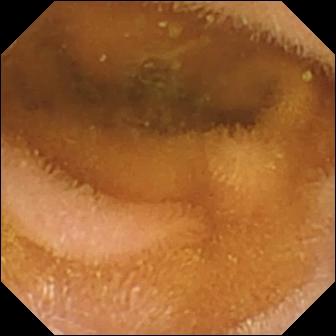modality: video capsule endoscopy | segment: small intestine | category: luminal finding | observation: normal clean mucosa